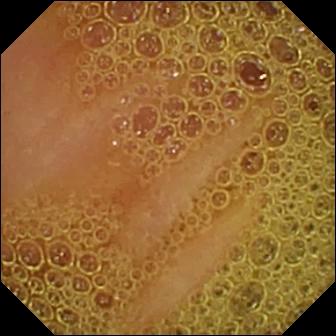Video capsule endoscopy. Small bowel. Label: normal clean mucosa.